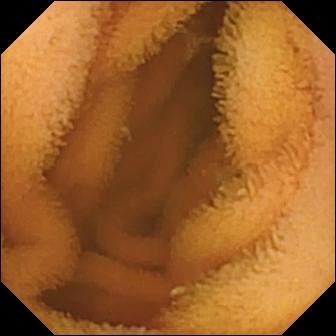WCE. Small intestine. Label: normal clean mucosa.